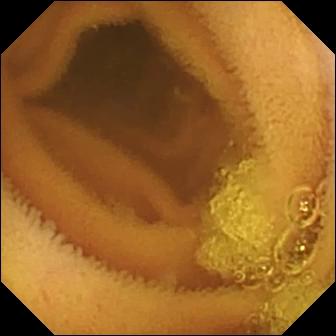This small-bowel capsule endoscopy snapshot of the small intestine shows normal clean mucosa.